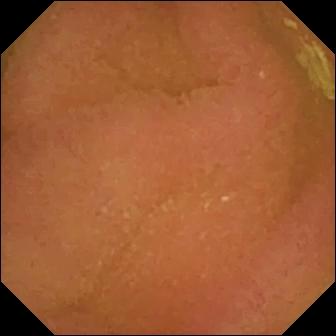Wireless capsule endoscopy. Label: normal clean mucosa.